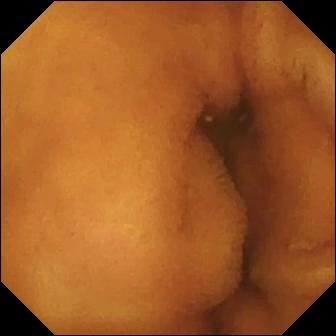- modality: video capsule endoscopy
- segment: small intestine
- impression: normal clean mucosa